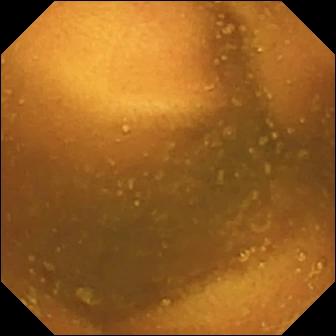Normal clean mucosa — WCE image.